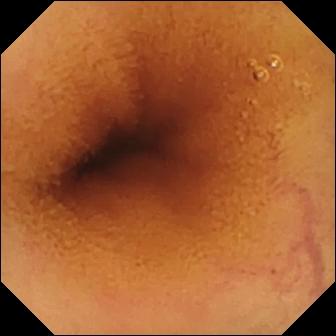- modality: video capsule endoscopy
- segment: small intestine
- impression: normal clean mucosa